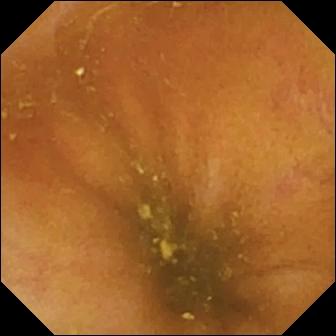VCE — ileo-cecal valve region (the transition from the small bowel to the large bowel).